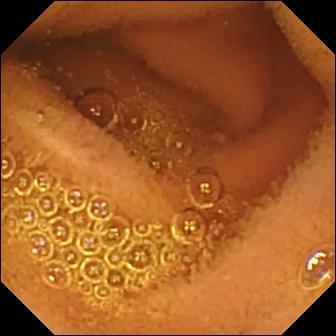PROCEDURE: Small-bowel capsule endoscopy.
FINDINGS: Normal clean mucosa.